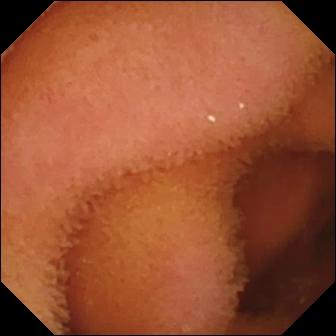Video capsule endoscopy frame. Normal clean mucosa.